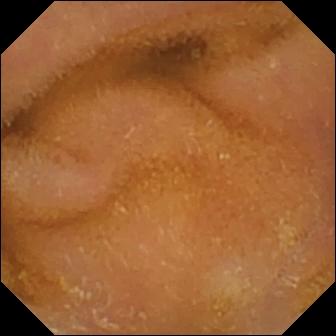{"modality": "wireless capsule endoscopy", "finding": "normal clean mucosa"}